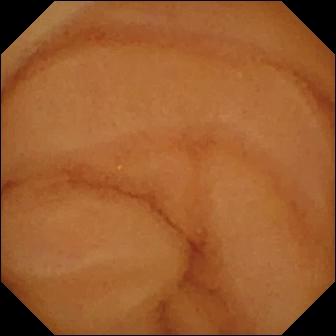PROCEDURE: Small-bowel capsule endoscopy.
FINDINGS: Normal clean mucosa.